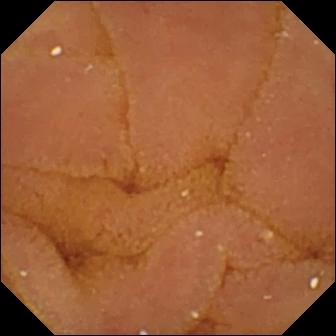Capsule endoscopy still showing normal clean mucosa.